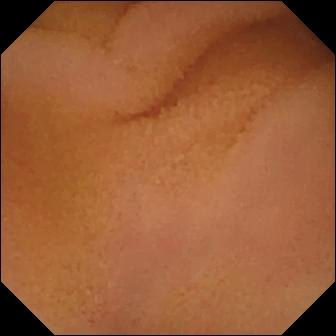Small-bowel capsule endoscopy. Finding: normal clean mucosa.